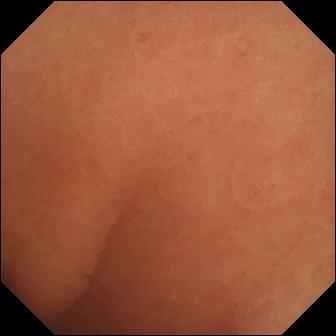modality: video capsule endoscopy
finding: normal clean mucosa